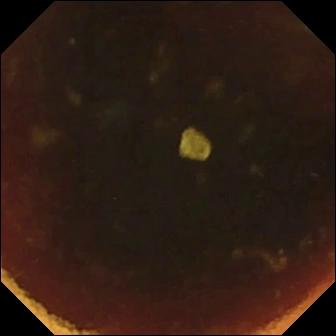Wireless capsule endoscopy — ileo-cecal valve region.